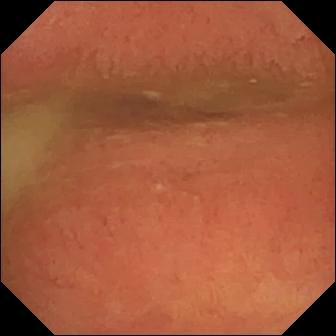Small-bowel capsule endoscopy image, 336×336. Taken in the pylorus region (where the capsule passes from the stomach into the small bowel).